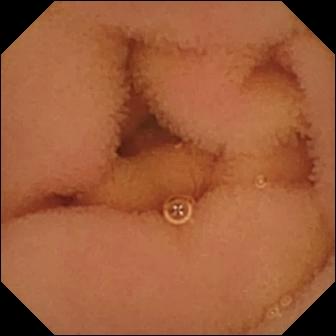{"modality": "VCE", "segment": "small intestine", "finding": "normal clean mucosa"}